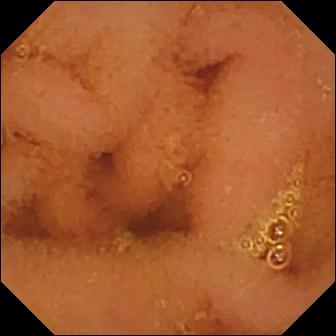Q: What does this video capsule endoscopy still show?
A: Normal clean mucosa.